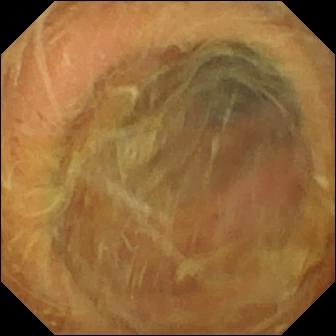VCE image. Taken in the pylorus region (where the capsule passes from the stomach into the small bowel).